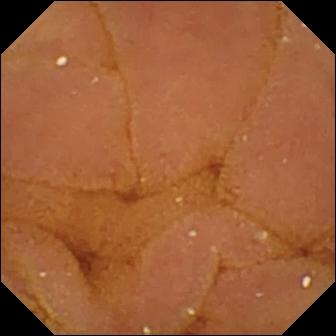- modality: wireless capsule endoscopy
- label: normal clean mucosa